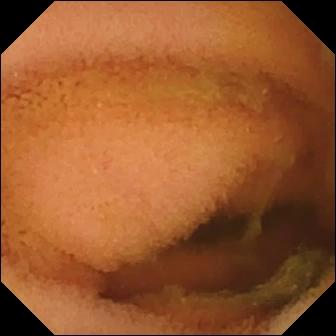This small-bowel capsule endoscopy snapshot of the small intestine shows normal clean mucosa.